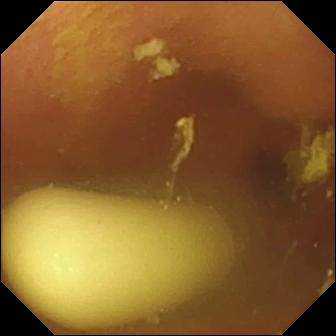Small-bowel capsule endoscopy image
Impression: foreign body (e.g. retained capsule, tablet residue)